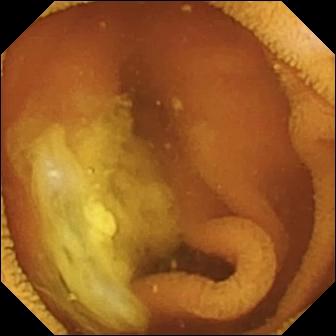Normal clean mucosa — wireless capsule endoscopy image.